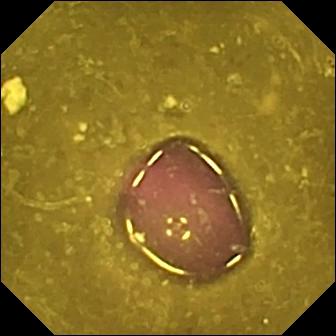{"modality": "wireless capsule endoscopy", "category": "luminal finding", "finding": "reduced mucosal view (content or bubbles obscuring the mucosa)"}